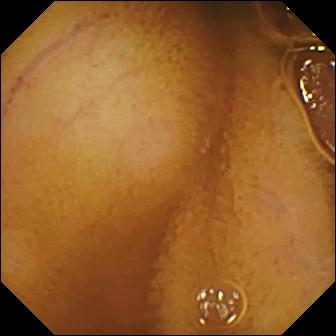Capsule endoscopy snapshot of the small intestine showing normal clean mucosa.